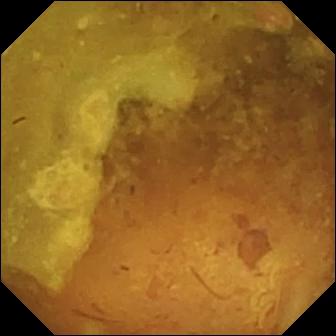Capsule endoscopy frame, small intestine
Finding: reduced mucosal view (content or bubbles obscuring the mucosa)